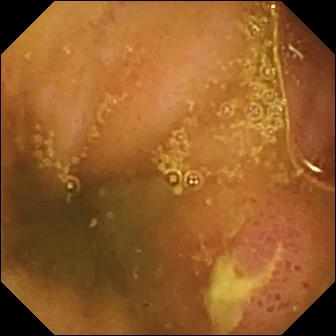WCE. Finding: ulcer.